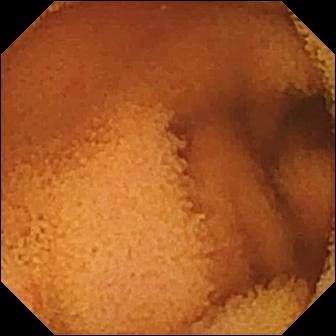Small-bowel capsule endoscopy — normal clean mucosa.